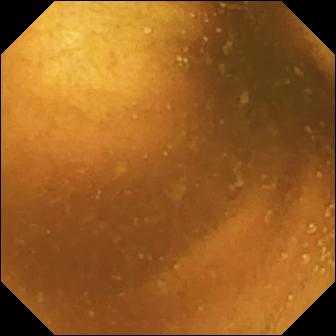Normal clean mucosa — VCE snapshot of the small bowel.